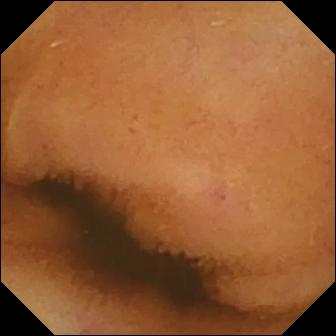Normal clean mucosa (336×336).